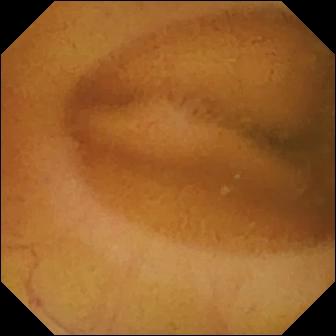Video capsule endoscopy. Small intestine. Impression: normal clean mucosa.